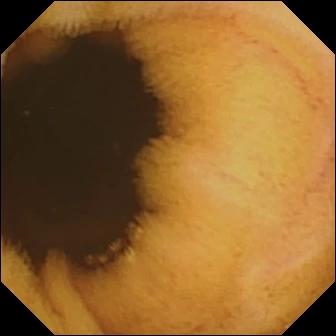This small-bowel capsule endoscopy snapshot shows normal clean mucosa.